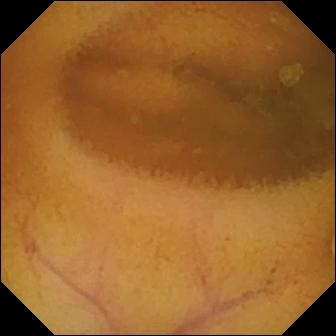Video capsule endoscopy snapshot showing normal clean mucosa.